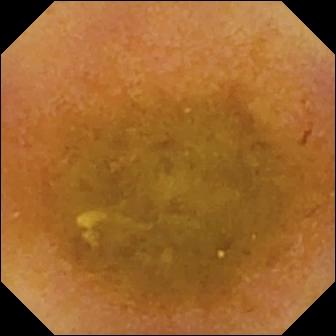Capsule endoscopy. Luminal finding. Impression: reduced mucosal view (content or bubbles obscuring the mucosa).